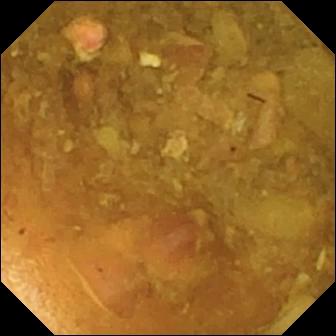modality: small-bowel capsule endoscopy; segment: small bowel; category: luminal finding; label: reduced mucosal view (content or bubbles obscuring the mucosa)